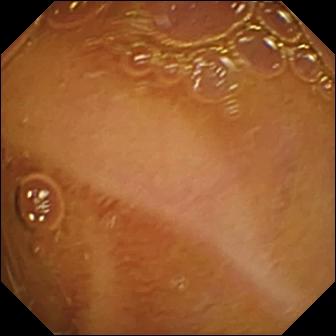Video capsule endoscopy. Luminal finding. Label: normal clean mucosa.